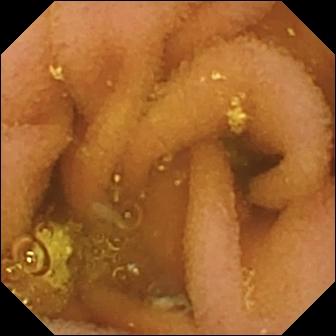{"modality": "VCE", "category": "luminal finding", "finding": "lymphangiectasia"}